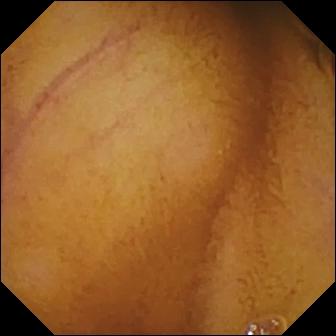Wireless capsule endoscopy — normal clean mucosa.